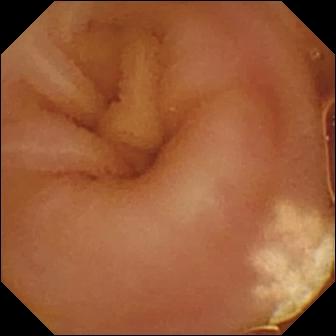modality: wireless capsule endoscopy
finding: lymphangiectasia